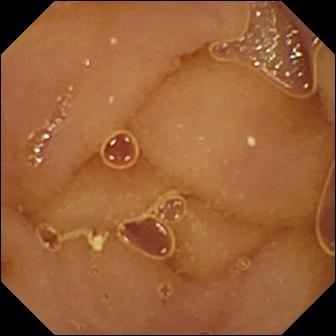modality: WCE | category: luminal finding | finding: normal clean mucosa